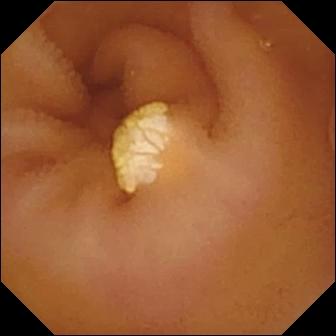Lymphangiectasia (336×336).